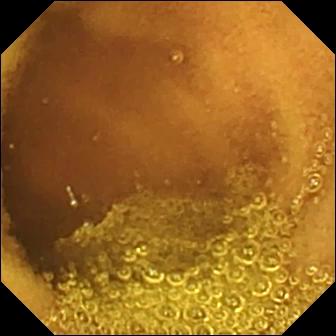{"modality": "small-bowel capsule endoscopy", "segment": "small bowel", "finding": "normal clean mucosa"}